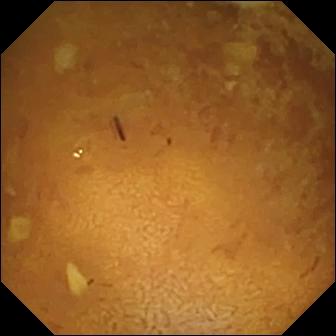Wireless capsule endoscopy still. Reduced mucosal view (content or bubbles obscuring the mucosa).